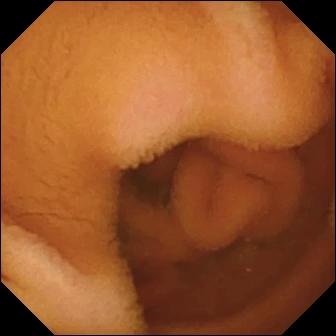Small-bowel capsule endoscopy still, 336×336. Normal clean mucosa.